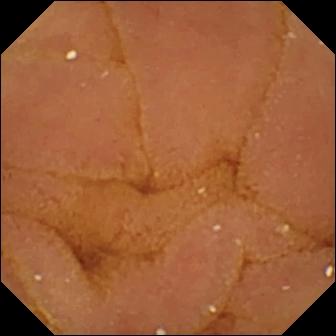modality: capsule endoscopy
finding: normal clean mucosa